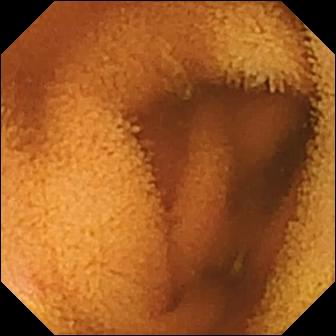Small-bowel capsule endoscopy view
Impression: normal clean mucosa